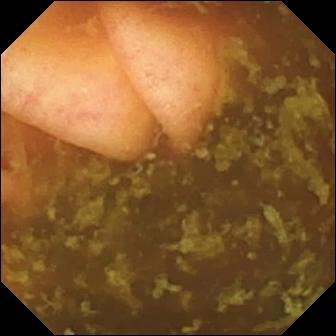- modality: small-bowel capsule endoscopy
- video segment: ileo-cecal valve region (the transition from the small bowel to the large bowel)